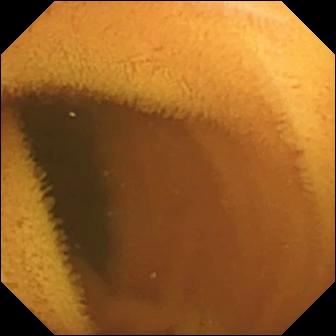Q: What does this capsule endoscopy frame of the small bowel show?
A: Normal clean mucosa.